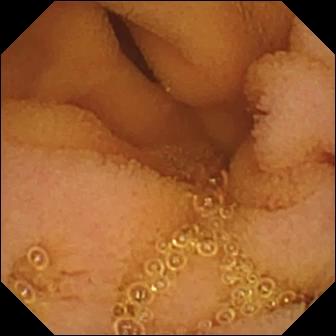Small-bowel capsule endoscopy snapshot, small bowel
Observation: normal clean mucosa